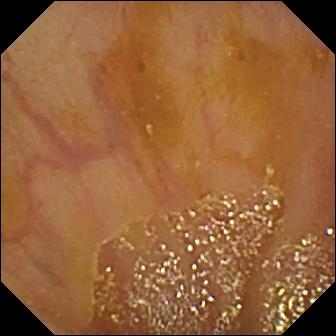WCE frame taken in the ileo-cecal valve region.